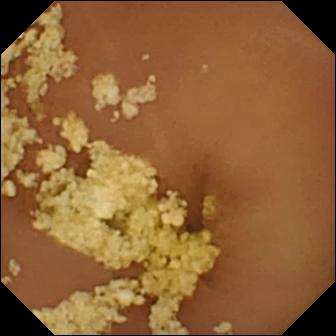{"modality": "capsule endoscopy", "segment": "small bowel", "category": "luminal finding", "finding": "normal clean mucosa"}